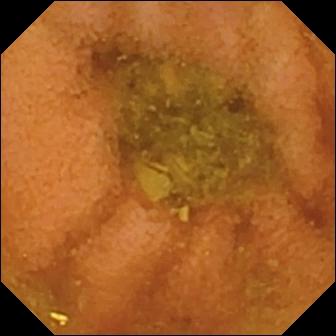modality: wireless capsule endoscopy; category: luminal finding; label: normal clean mucosa